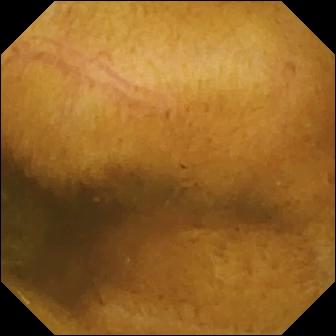Small-bowel capsule endoscopy — normal clean mucosa.